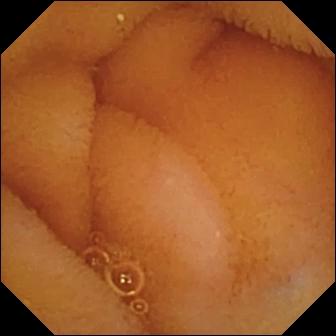Capsule endoscopy — normal clean mucosa.